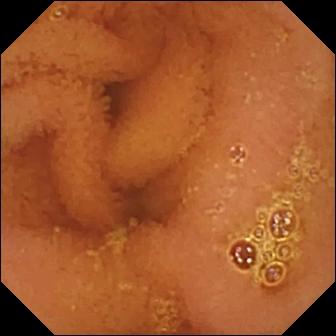This small-bowel capsule endoscopy still of the small bowel shows normal clean mucosa.